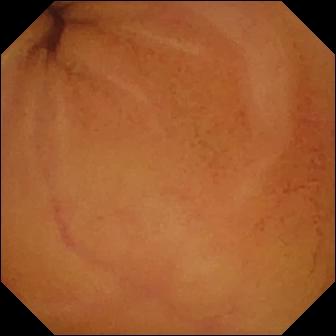Capsule endoscopy — normal clean mucosa.